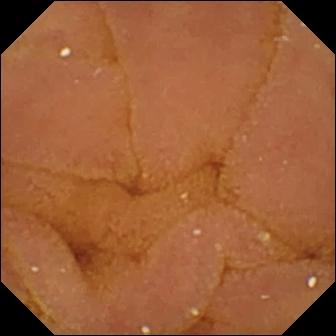modality: capsule endoscopy
finding: normal clean mucosa